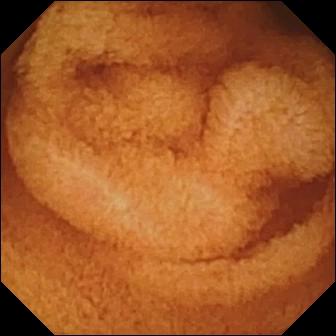Normal clean mucosa — wireless capsule endoscopy view of the small bowel.